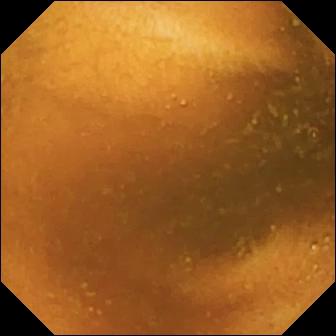PROCEDURE: Video capsule endoscopy.
FINDINGS: Normal clean mucosa.